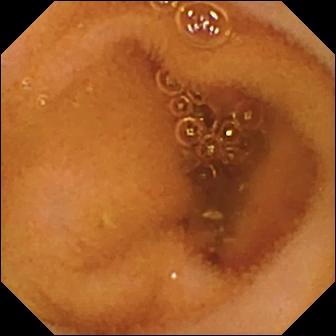Wireless capsule endoscopy still
Observation: normal clean mucosa